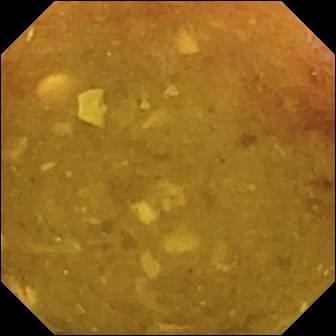VCE snapshot
Label: reduced mucosal view (content or bubbles obscuring the mucosa)